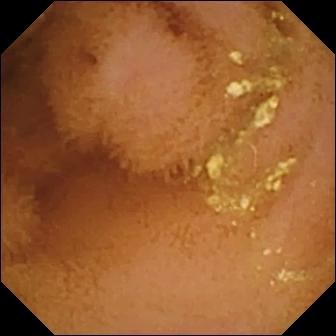WCE view (small intestine). Normal clean mucosa.